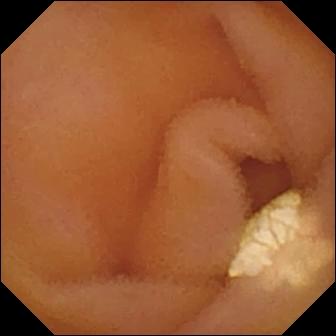Wireless capsule endoscopy still
Finding: lymphangiectasia